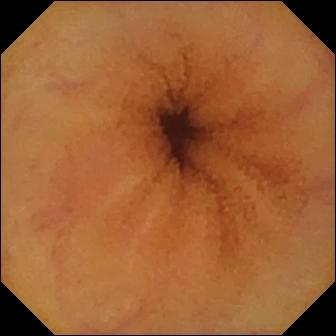Normal clean mucosa — wireless capsule endoscopy still.